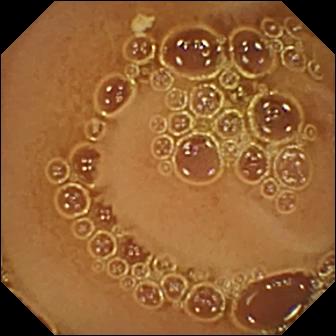Video capsule endoscopy image (small bowel). Normal clean mucosa.